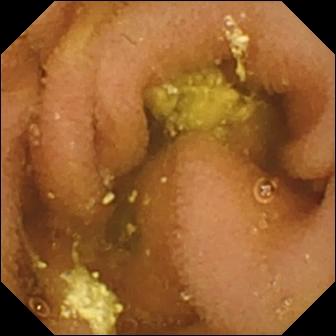Lymphangiectasia.